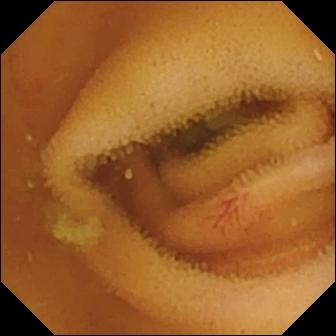PROCEDURE: Video capsule endoscopy.
FINDINGS: Angiectasia.